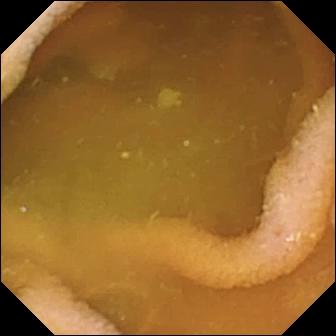Capsule endoscopy image
Label: normal clean mucosa